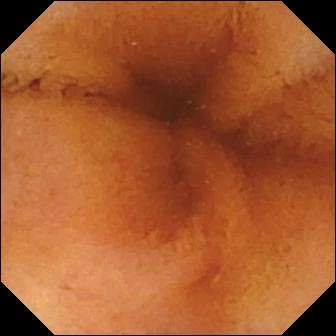Normal clean mucosa.